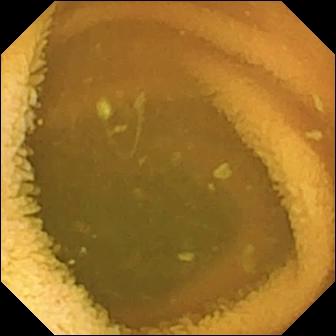VCE — normal clean mucosa.